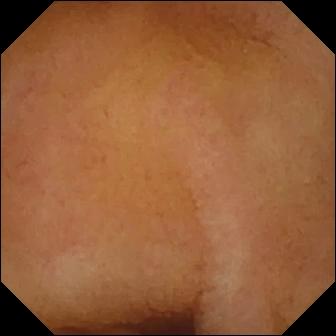- modality: small-bowel capsule endoscopy
- finding: normal clean mucosa